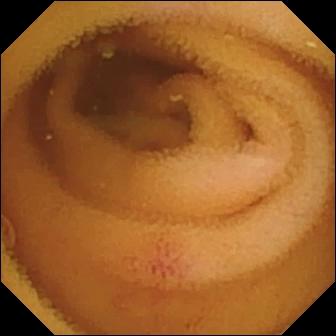Angiectasia.